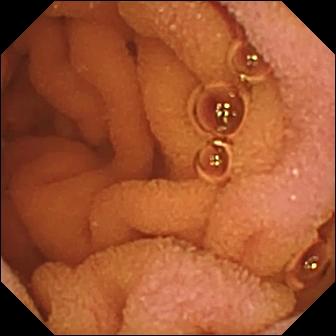Normal clean mucosa.